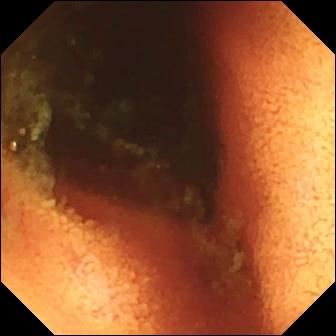Ileo-cecal valve region — WCE image.